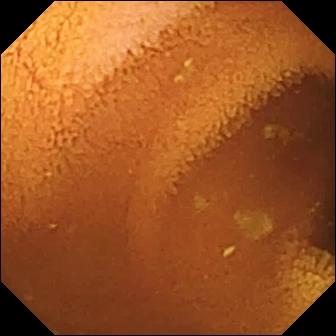modality: video capsule endoscopy
segment: small intestine
impression: normal clean mucosa